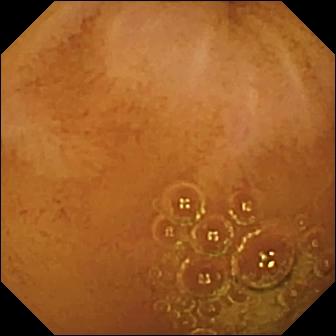Normal clean mucosa (336×336).